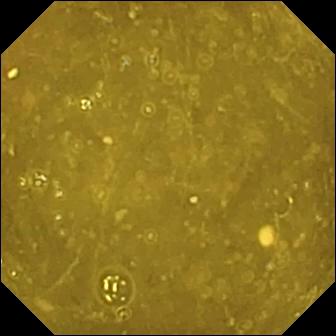Ileo-cecal valve region — wireless capsule endoscopy still.